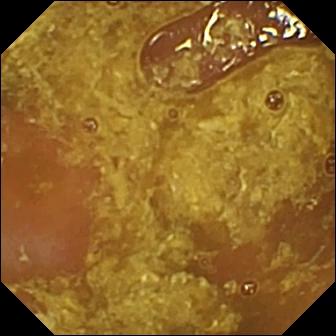Wireless capsule endoscopy — reduced mucosal view (content or bubbles obscuring the mucosa).